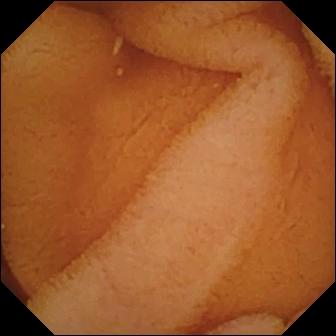modality: WCE | category: luminal finding | finding: normal clean mucosa